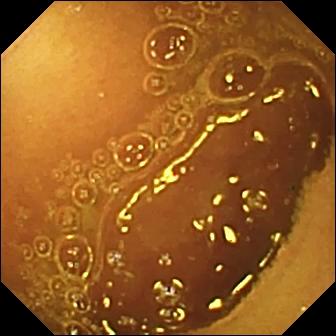PROCEDURE: Video capsule endoscopy.
SEGMENT: Small intestine.
FINDINGS: Normal clean mucosa.